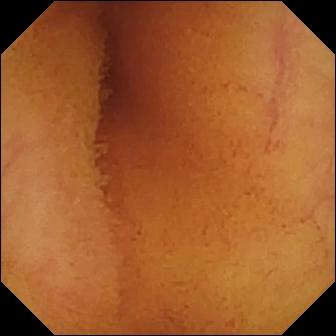Video capsule endoscopy frame (small intestine). Normal clean mucosa.